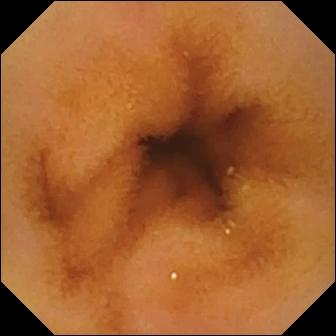modality: video capsule endoscopy
category: luminal finding
observation: normal clean mucosa